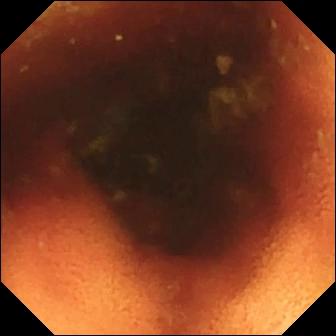Wireless capsule endoscopy — ileo-cecal valve region (the transition from the small bowel to the large bowel).